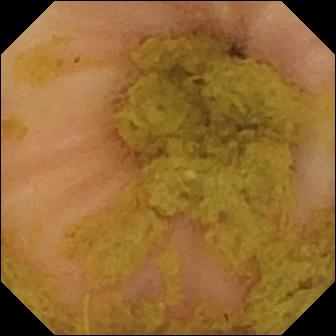Wireless capsule endoscopy snapshot taken in the ileo-cecal valve region.